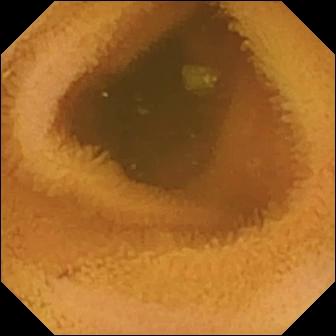Normal clean mucosa — capsule endoscopy frame.